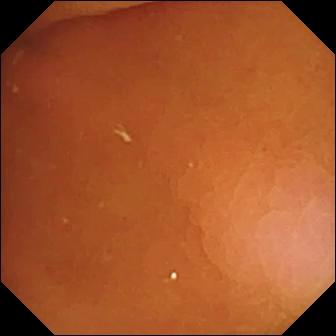This WCE image was taken in the pylorus region (where the capsule passes from the stomach into the small bowel).